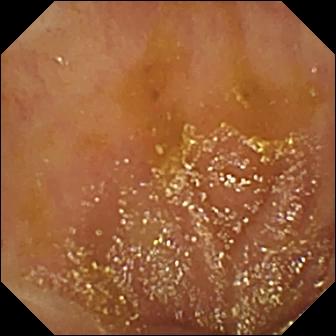PROCEDURE: Video capsule endoscopy.
POSITION: Ileo-cecal valve region.